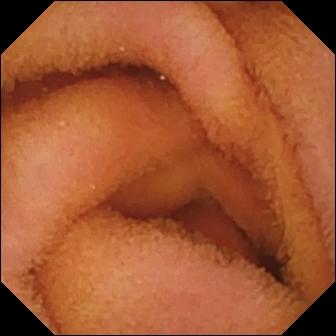- modality: WCE
- category: luminal finding
- observation: normal clean mucosa